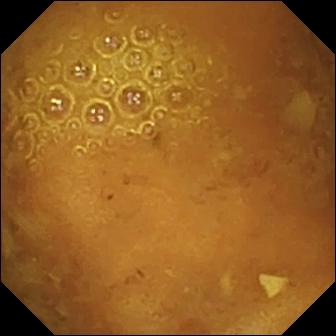This wireless capsule endoscopy frame shows reduced mucosal view (content or bubbles obscuring the mucosa).